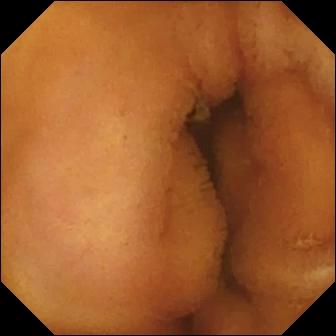Normal clean mucosa.